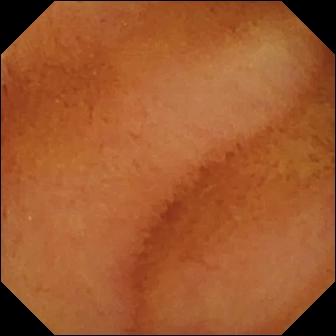PROCEDURE: VCE.
FINDINGS: Normal clean mucosa.